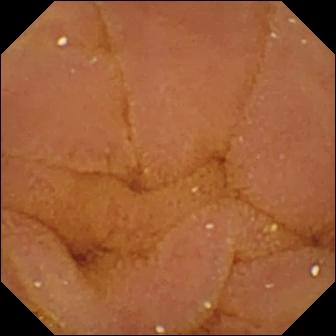Q: What does this VCE image of the small intestine show?
A: Normal clean mucosa.